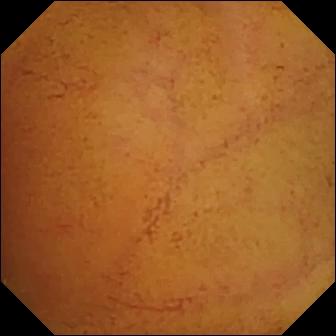{"modality": "VCE", "segment": "small bowel", "finding": "normal clean mucosa"}